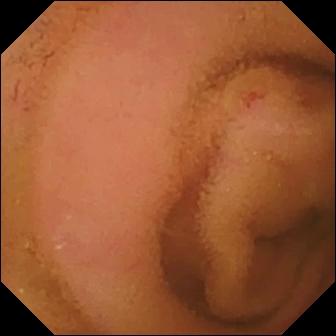Wireless capsule endoscopy. Small intestine. Observation: normal clean mucosa.